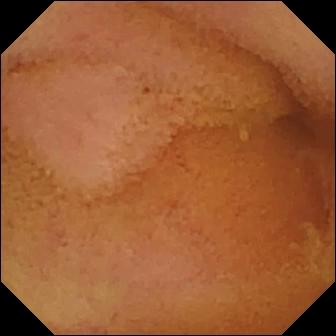Wireless capsule endoscopy — normal clean mucosa.